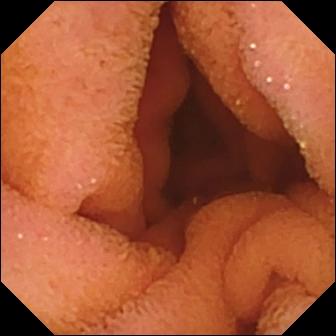This wireless capsule endoscopy frame of the small intestine shows normal clean mucosa.